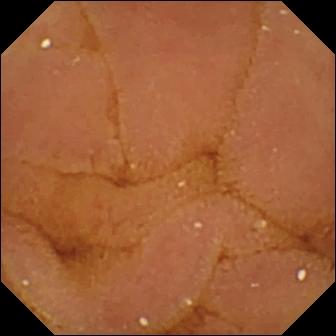Video capsule endoscopy frame (small intestine), 336×336. Normal clean mucosa.